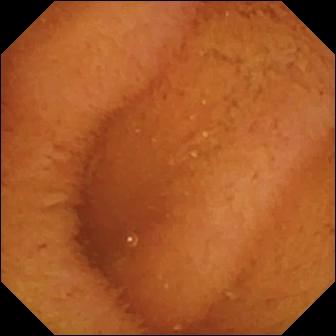VCE image (small bowel). Normal clean mucosa.